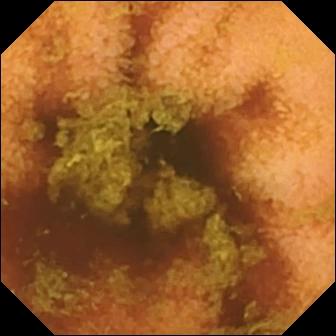{"modality": "video capsule endoscopy", "segment": "small intestine", "finding": "normal clean mucosa"}